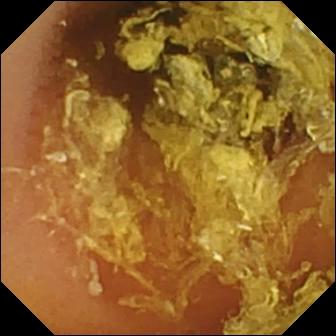Capsule endoscopy snapshot. Normal clean mucosa.